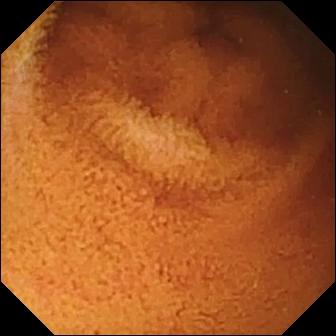WCE still
Impression: normal clean mucosa